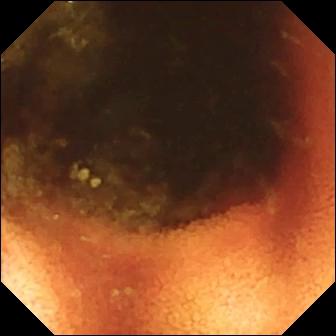modality: WCE
category: anatomical landmark
position: ileo-cecal valve region